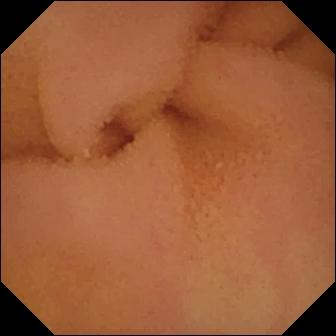PROCEDURE: VCE.
SEGMENT: Small bowel.
FINDINGS: Normal clean mucosa.